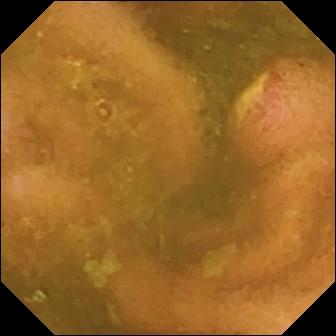Wireless capsule endoscopy still showing ulcer.